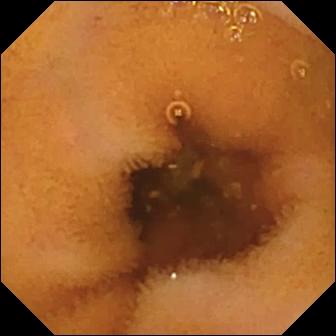Capsule endoscopy still, small bowel
Observation: normal clean mucosa